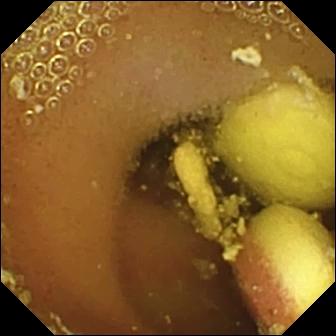WCE — foreign body (e.g. retained capsule, tablet residue).